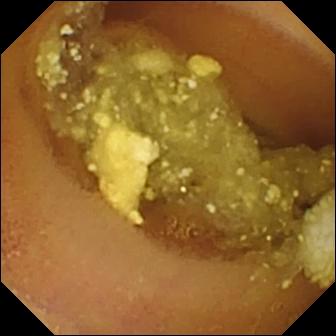- modality: small-bowel capsule endoscopy
- category: luminal finding
- finding: lymphangiectasia